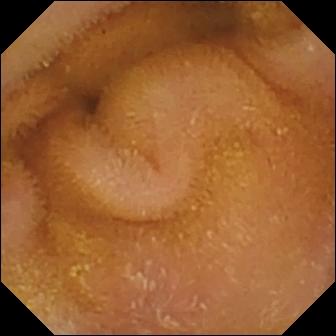{"modality": "small-bowel capsule endoscopy", "segment": "small bowel", "finding": "normal clean mucosa"}